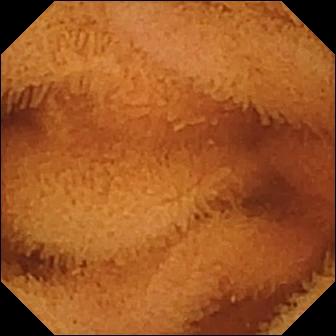Q: What does this capsule endoscopy snapshot of the small intestine show?
A: Normal clean mucosa.